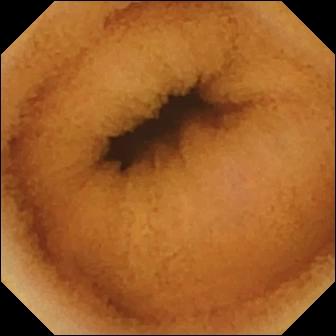{"modality": "VCE", "finding": "normal clean mucosa"}